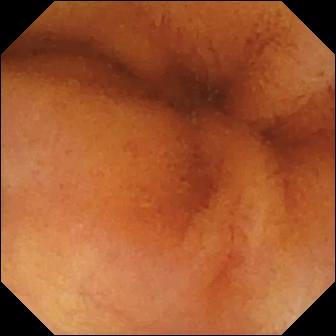{"modality": "WCE", "segment": "small intestine", "finding": "normal clean mucosa"}